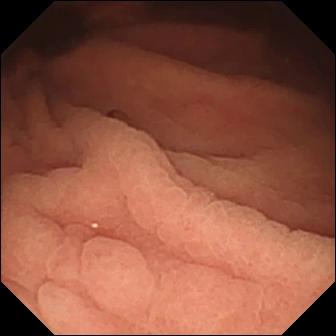Small-bowel capsule endoscopy image
Label: angiectasia